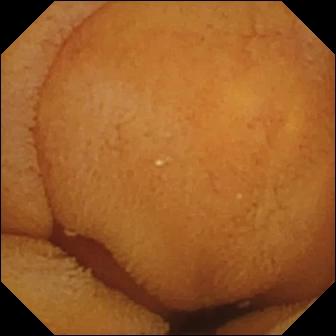- modality: capsule endoscopy
- observation: normal clean mucosa